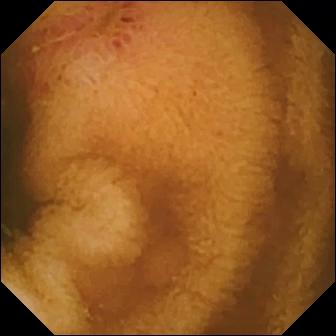{"modality": "capsule endoscopy", "category": "luminal finding", "finding": "erosion"}